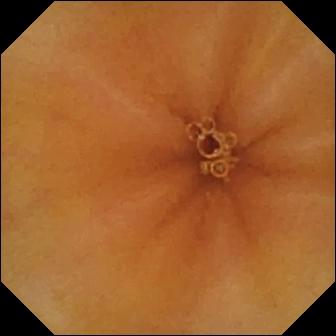This WCE snapshot of the small intestine shows normal clean mucosa.